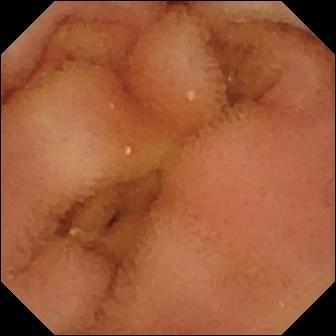{"modality": "wireless capsule endoscopy", "segment": "small bowel", "category": "luminal finding", "finding": "normal clean mucosa"}